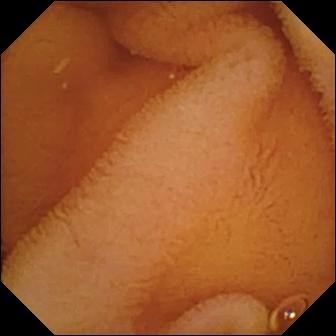modality: VCE
label: normal clean mucosa